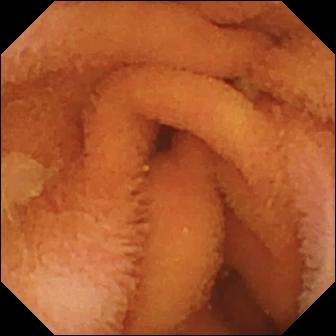Capsule endoscopy image, small bowel
Impression: normal clean mucosa